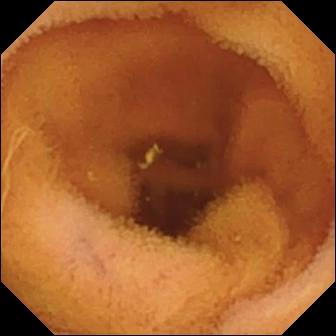VCE view, small intestine
Label: normal clean mucosa